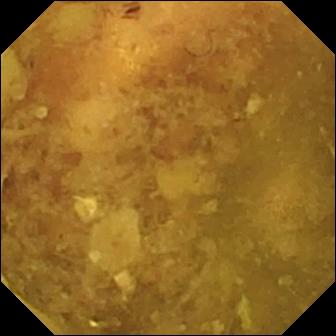Reduced mucosal view (content or bubbles obscuring the mucosa).